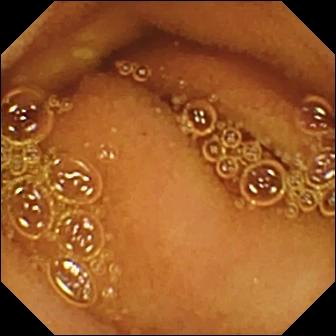Small-bowel capsule endoscopy frame showing normal clean mucosa.